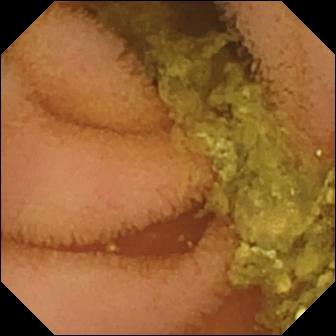Q: What does this video capsule endoscopy image of the small intestine show?
A: Normal clean mucosa.